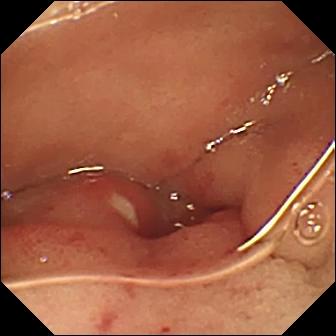WCE snapshot, 336×336. Ulcer.